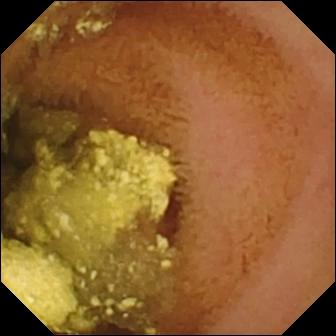This VCE still of the small bowel shows normal clean mucosa.